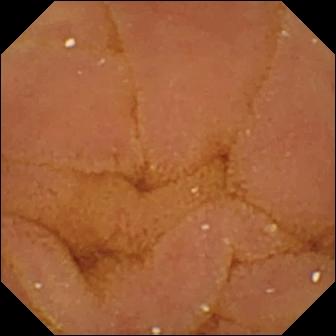- modality: WCE
- segment: small intestine
- impression: normal clean mucosa